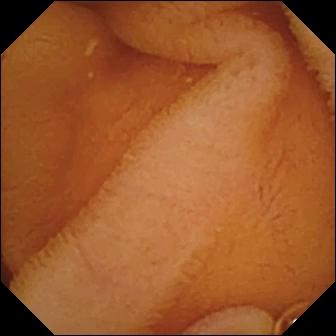modality: VCE | label: normal clean mucosa